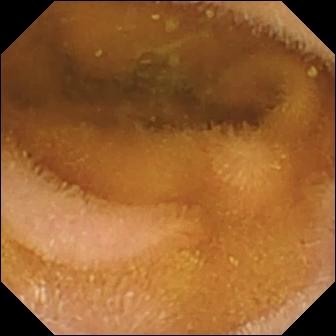Normal clean mucosa.